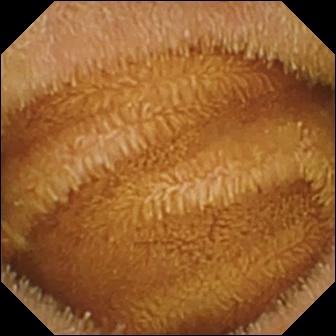WCE snapshot (small bowel). Normal clean mucosa.